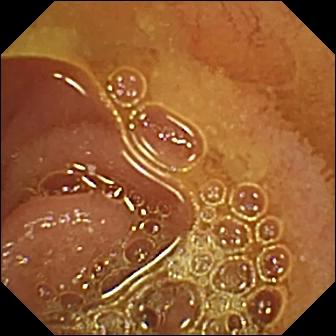WCE. Small intestine. Luminal finding. Observation: normal clean mucosa.